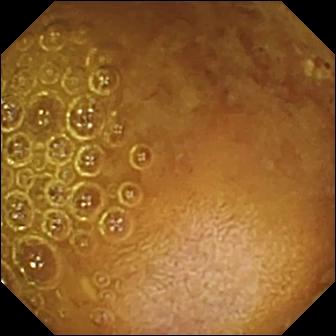Reduced mucosal view (content or bubbles obscuring the mucosa) (336×336).